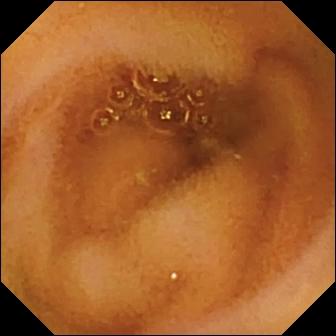Video capsule endoscopy. Label: normal clean mucosa.